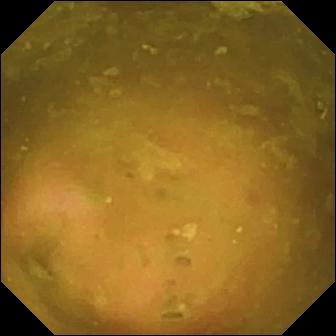PROCEDURE: WCE.
LOCATION: Ileo-cecal valve region (the transition from the small bowel to the large bowel).